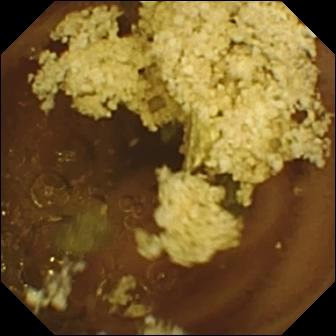Q: What does this VCE still of the small bowel show?
A: Normal clean mucosa.